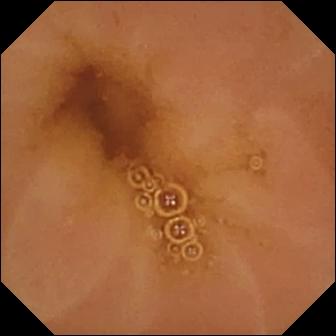WCE — normal clean mucosa.